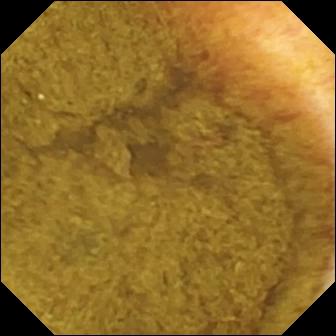{"modality": "WCE", "location": "ileo-cecal valve region (the transition from the small bowel to the large bowel)"}